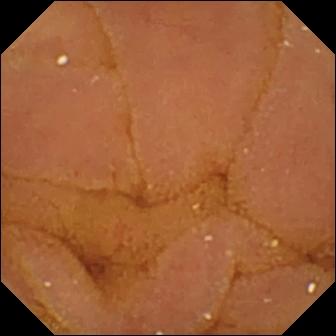Q: What does this capsule endoscopy snapshot of the small intestine show?
A: Normal clean mucosa.